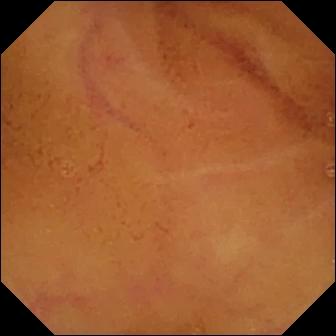VCE. Label: normal clean mucosa.